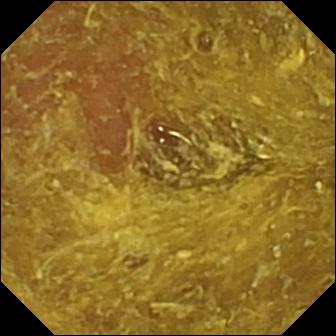Reduced mucosal view (content or bubbles obscuring the mucosa).